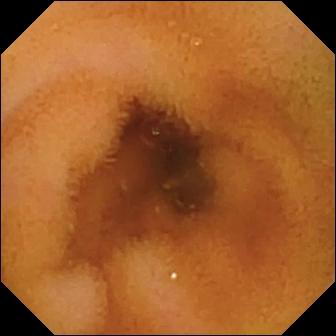{"modality": "small-bowel capsule endoscopy", "segment": "small intestine", "category": "luminal finding", "finding": "normal clean mucosa"}